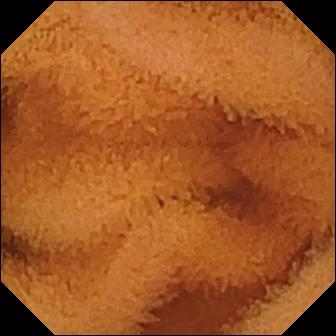This video capsule endoscopy still of the small bowel shows normal clean mucosa.